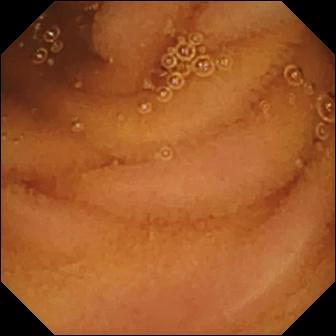modality: video capsule endoscopy
segment: small bowel
category: luminal finding
label: normal clean mucosa